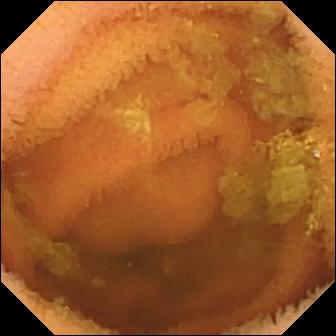PROCEDURE: WCE.
FINDINGS: Normal clean mucosa.